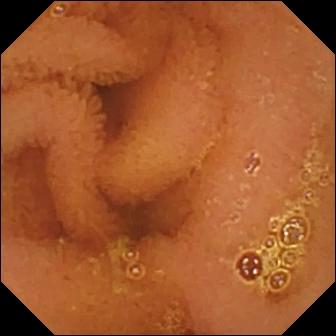Small-bowel capsule endoscopy — normal clean mucosa.